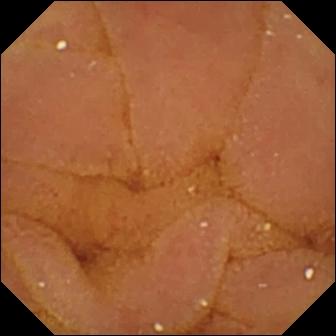- modality: small-bowel capsule endoscopy
- segment: small intestine
- label: normal clean mucosa